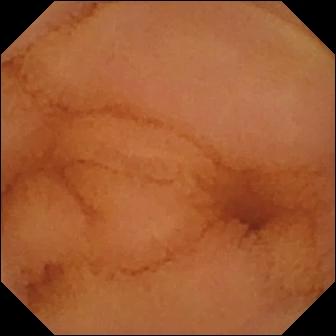This wireless capsule endoscopy snapshot shows normal clean mucosa.